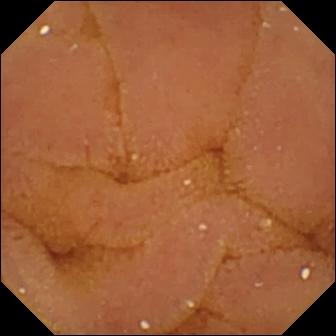Normal clean mucosa.